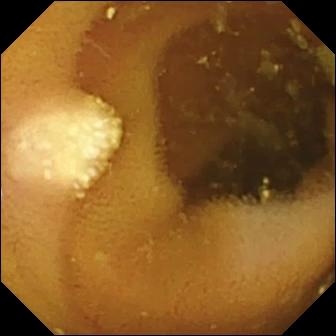Lymphangiectasia (336×336).